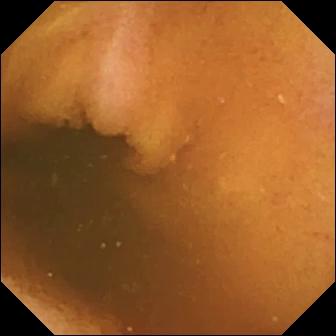Wireless capsule endoscopy view, small bowel
Impression: normal clean mucosa